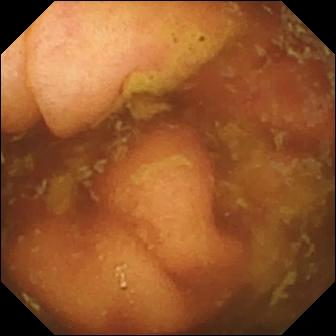Ileo-cecal valve region (where the capsule passes from the small bowel into the large bowel) — VCE still.